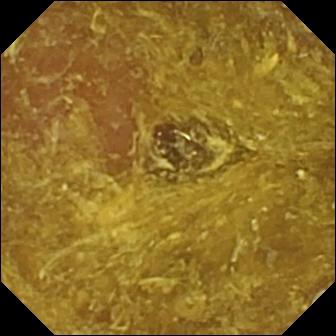Q: What does this wireless capsule endoscopy view show?
A: Reduced mucosal view (content or bubbles obscuring the mucosa).